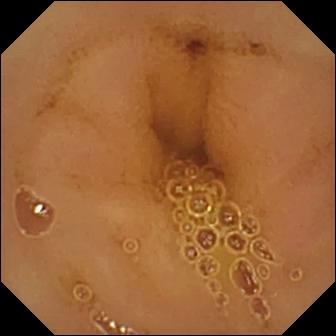- modality: capsule endoscopy
- segment: small intestine
- impression: normal clean mucosa